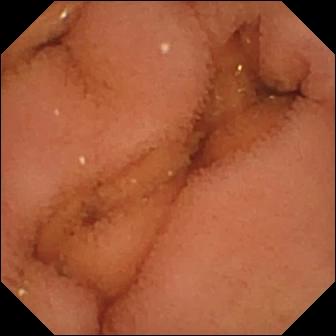modality: video capsule endoscopy | label: normal clean mucosa